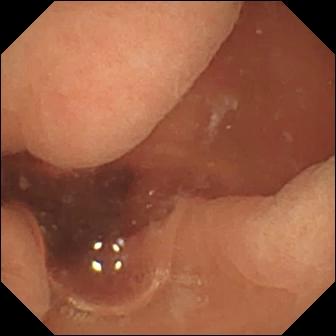Wireless capsule endoscopy still showing normal clean mucosa.